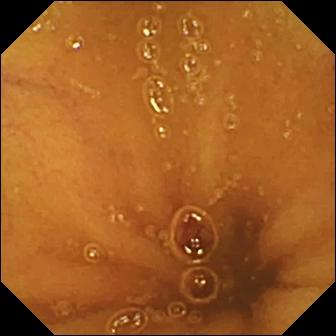WCE frame, small intestine
Label: normal clean mucosa